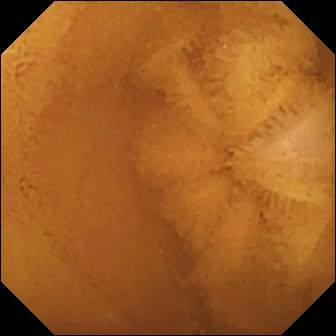{"modality": "wireless capsule endoscopy", "finding": "normal clean mucosa"}